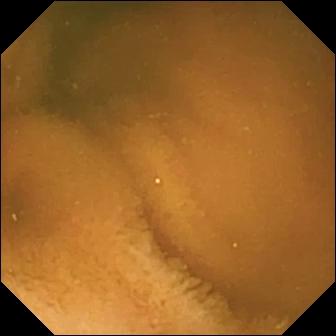Normal clean mucosa.